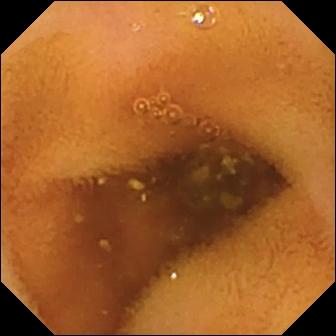Small-bowel capsule endoscopy image showing normal clean mucosa.